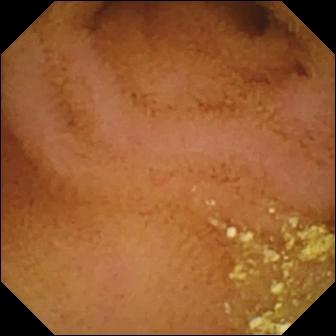Capsule endoscopy. Impression: normal clean mucosa.